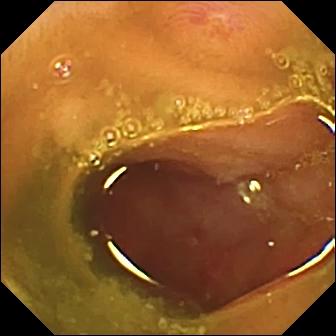- modality: video capsule endoscopy
- label: ulcer